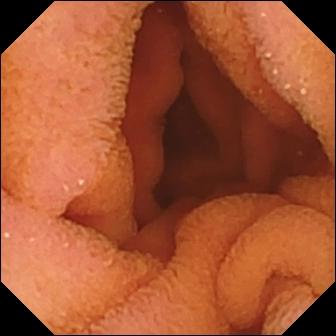This small-bowel capsule endoscopy image of the small bowel shows normal clean mucosa.